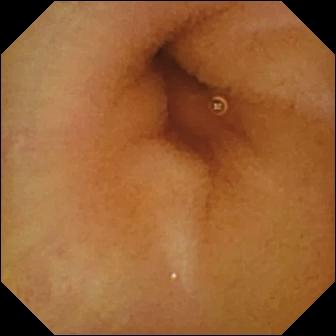This wireless capsule endoscopy frame of the small intestine shows normal clean mucosa.